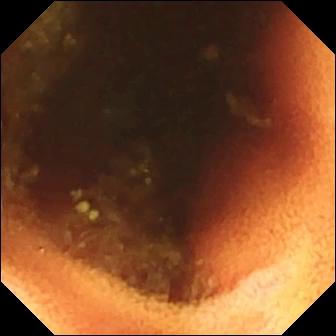Ileo-cecal valve region — wireless capsule endoscopy frame.